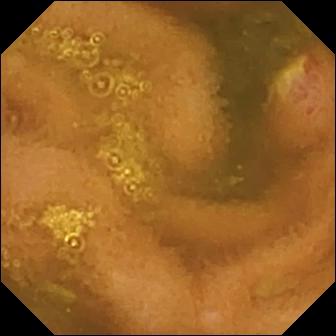modality: capsule endoscopy; observation: ulcer